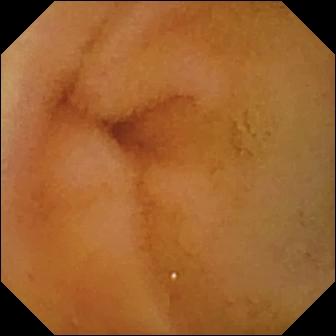VCE frame
Observation: normal clean mucosa